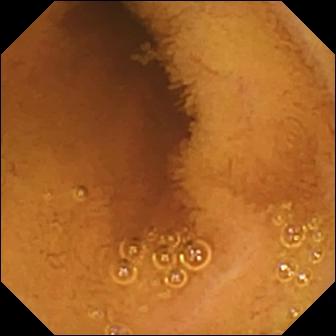Video capsule endoscopy snapshot (small intestine). Normal clean mucosa.